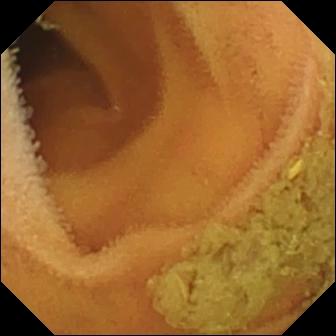WCE view (small bowel), 336×336. Normal clean mucosa.